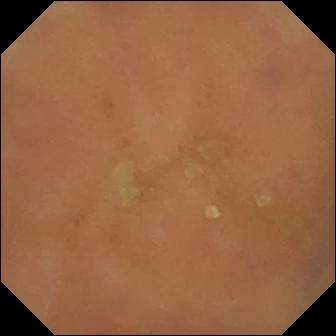Wireless capsule endoscopy snapshot of the small intestine showing normal clean mucosa.